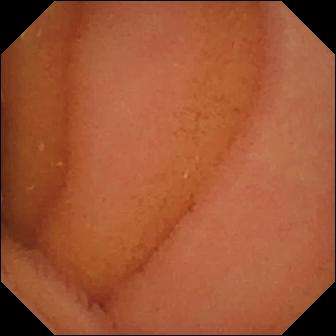modality: video capsule endoscopy | segment: small bowel | observation: normal clean mucosa